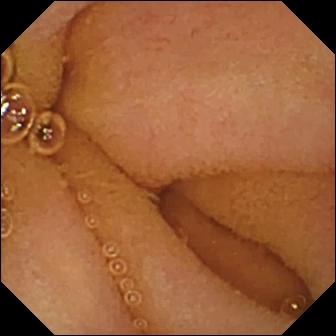Normal clean mucosa (336×336).